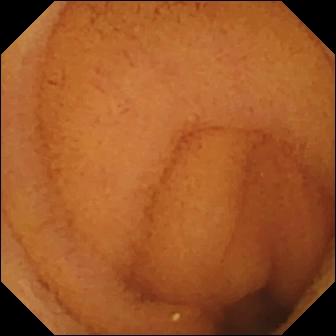Normal clean mucosa — VCE frame of the small intestine.